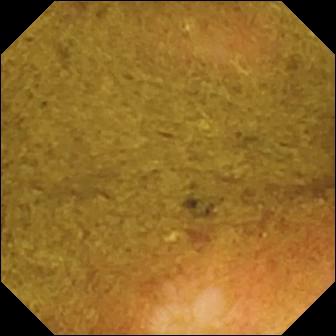Ileo-cecal valve region (the transition from the small bowel to the large bowel).